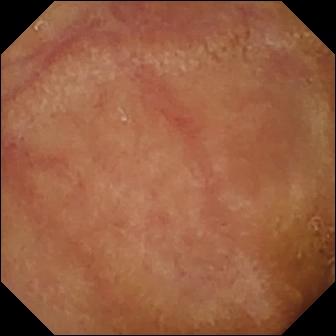VCE frame
Finding: normal clean mucosa